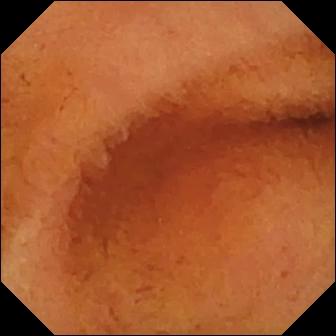modality: wireless capsule endoscopy; category: luminal finding; observation: normal clean mucosa